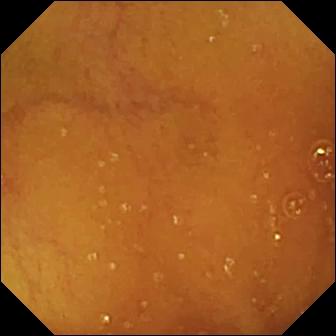Video capsule endoscopy image, small bowel
Label: normal clean mucosa